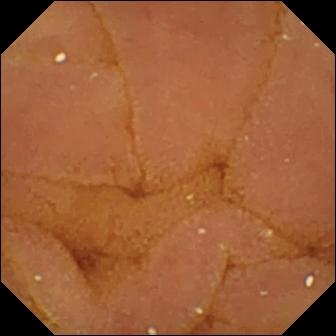Video capsule endoscopy frame, small intestine
Finding: normal clean mucosa